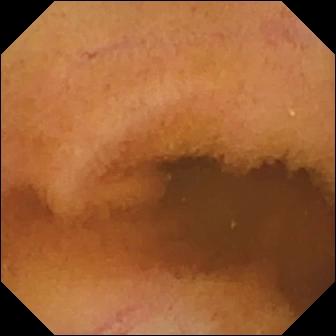This capsule endoscopy snapshot shows normal clean mucosa.